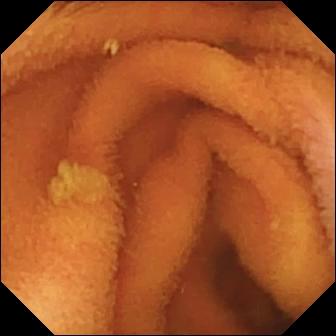PROCEDURE: WCE.
SEGMENT: Small bowel.
FINDINGS: Normal clean mucosa.